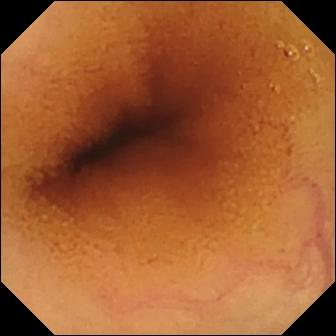Small-bowel capsule endoscopy image
Impression: normal clean mucosa